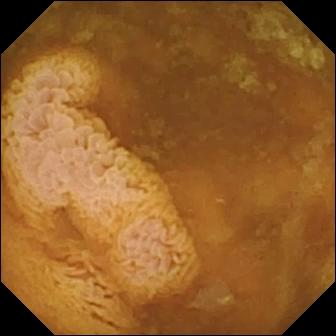- modality: wireless capsule endoscopy
- segment: small bowel
- impression: reduced mucosal view (content or bubbles obscuring the mucosa)